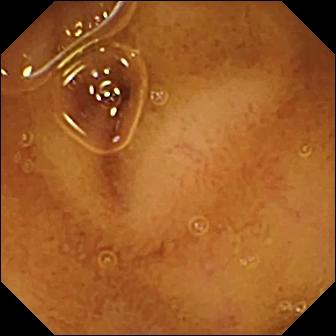Q: What does this small-bowel capsule endoscopy frame show?
A: Normal clean mucosa.